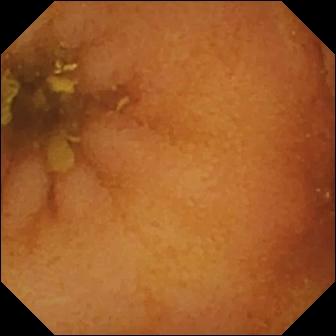Wireless capsule endoscopy snapshot
Impression: normal clean mucosa